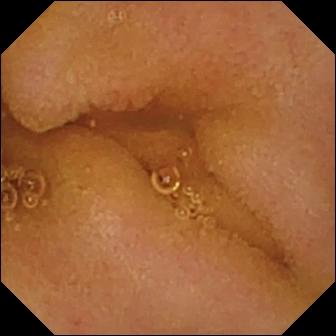- modality: small-bowel capsule endoscopy
- category: luminal finding
- impression: normal clean mucosa